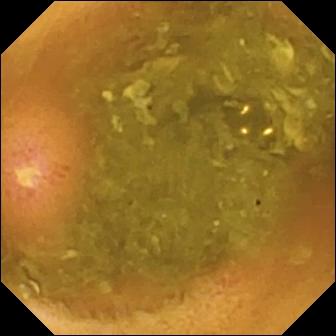This video capsule endoscopy still shows ulcer.